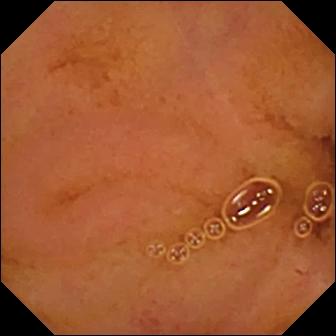PROCEDURE: Video capsule endoscopy.
FINDINGS: Normal clean mucosa.